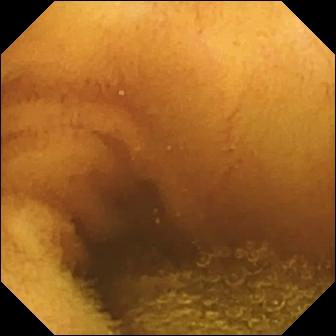Q: What does this video capsule endoscopy image show?
A: Normal clean mucosa.